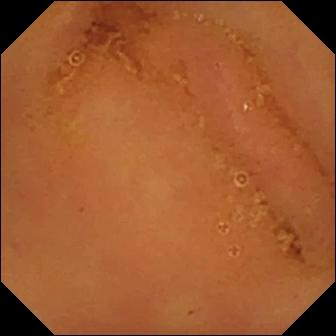Wireless capsule endoscopy view showing normal clean mucosa.